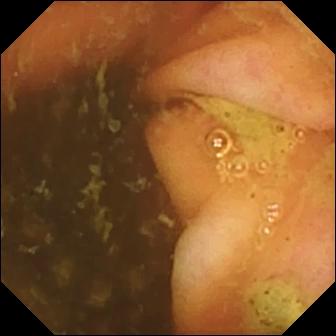Ileo-cecal valve region (where the capsule passes from the small bowel into the large bowel) — small-bowel capsule endoscopy view.